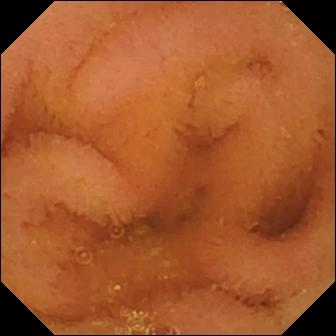Q: What does this WCE frame show?
A: Normal clean mucosa.